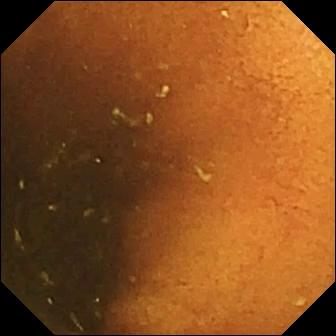PROCEDURE: Wireless capsule endoscopy.
FINDINGS: Normal clean mucosa.